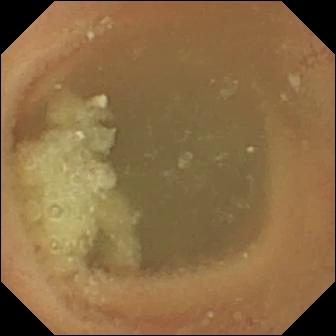VCE — normal clean mucosa.